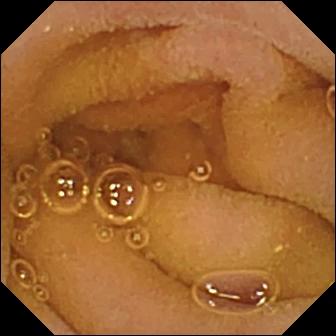Q: What does this capsule endoscopy still show?
A: Normal clean mucosa.